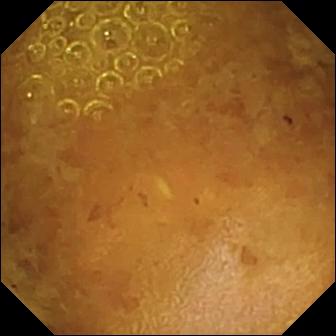- modality: capsule endoscopy
- finding: reduced mucosal view (content or bubbles obscuring the mucosa)